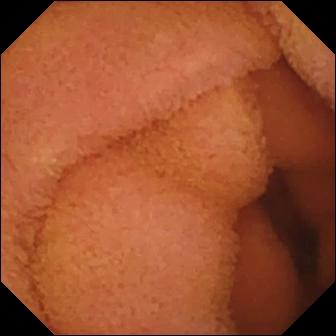PROCEDURE: Small-bowel capsule endoscopy.
FINDINGS: Normal clean mucosa.